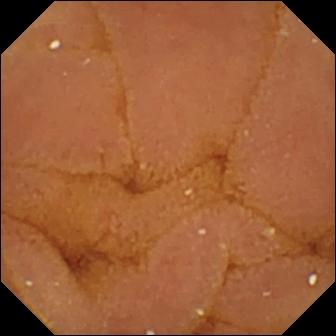{"modality": "capsule endoscopy", "segment": "small intestine", "finding": "normal clean mucosa"}